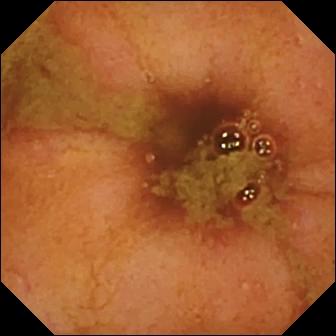Video capsule endoscopy. Video segment: ileo-cecal valve region (where the capsule passes from the small bowel into the large bowel).